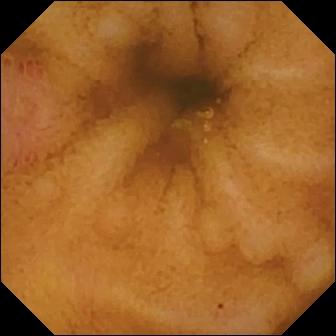Erosion.